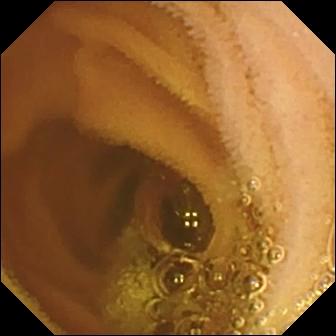modality: small-bowel capsule endoscopy | category: luminal finding | observation: normal clean mucosa